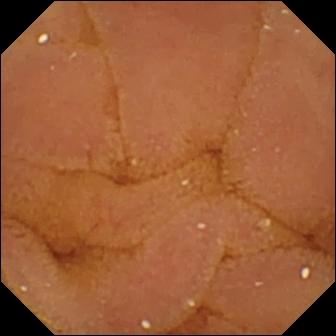Q: What does this capsule endoscopy view of the small bowel show?
A: Normal clean mucosa.